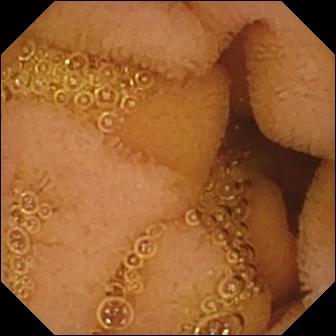Normal clean mucosa — video capsule endoscopy snapshot.